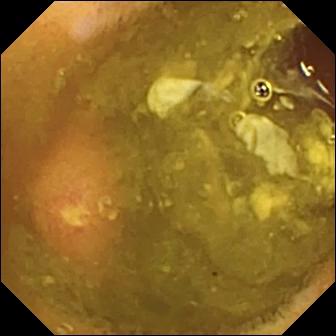Q: What does this VCE snapshot show?
A: Ulcer.